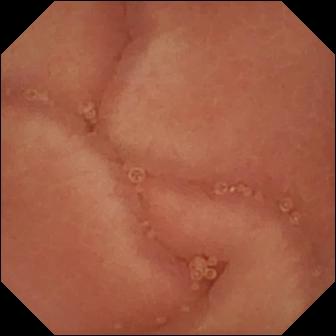modality: video capsule endoscopy
position: pylorus region (where the capsule passes from the stomach into the small bowel)